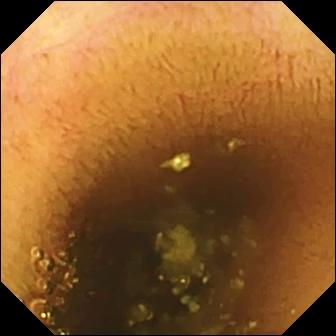VCE. Luminal finding. Observation: normal clean mucosa.